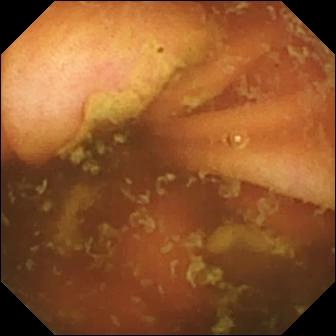Ileo-cecal valve region (the transition from the small bowel to the large bowel) — WCE snapshot.